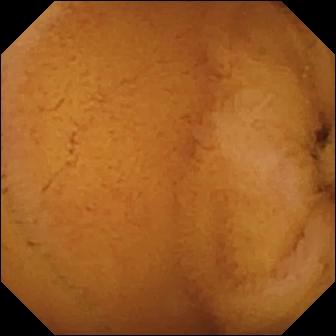Capsule endoscopy image (small intestine), 336×336. Normal clean mucosa.